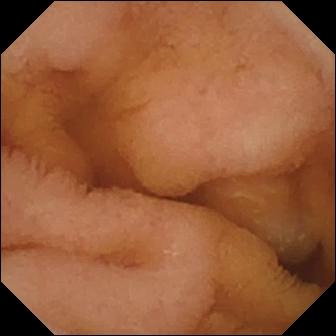Capsule endoscopy still showing normal clean mucosa.